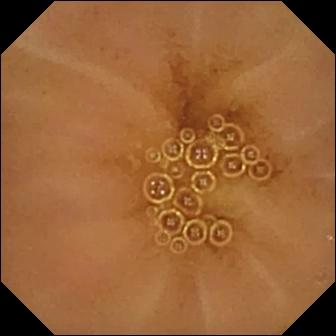{"modality": "WCE", "segment": "small bowel", "category": "luminal finding", "finding": "normal clean mucosa"}